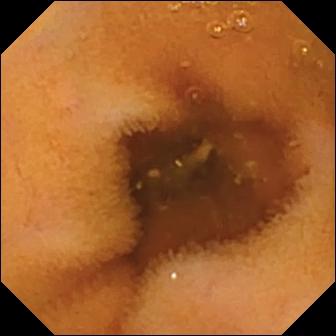Capsule endoscopy — normal clean mucosa.